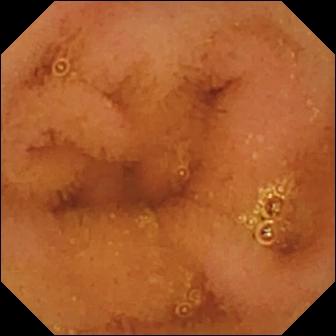Normal clean mucosa.